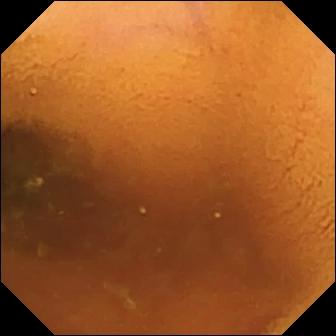VCE. Small intestine. Finding: normal clean mucosa.